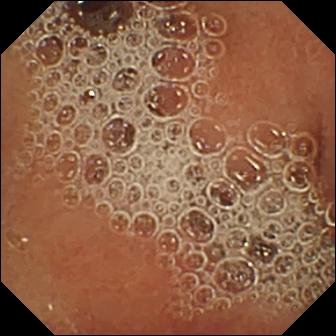{"modality": "wireless capsule endoscopy", "finding": "normal clean mucosa"}